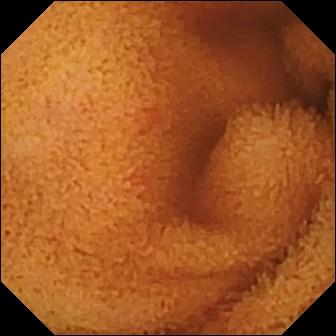- modality: video capsule endoscopy
- segment: small intestine
- label: normal clean mucosa